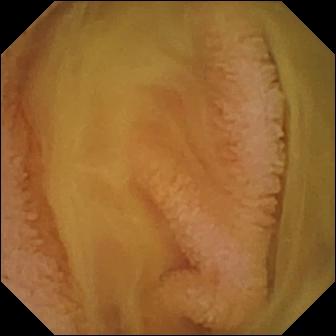Normal clean mucosa — WCE still.